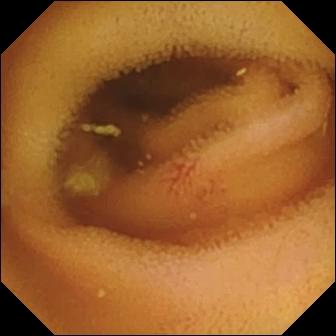This video capsule endoscopy snapshot shows angiectasia.